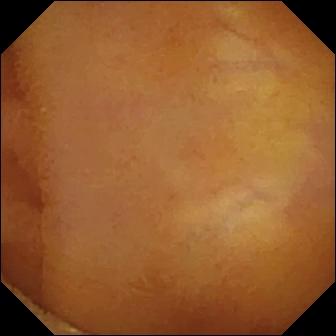Wireless capsule endoscopy snapshot (small intestine). Normal clean mucosa.